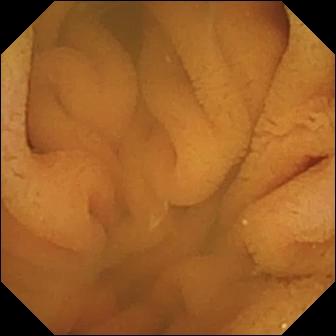Capsule endoscopy snapshot
Finding: normal clean mucosa